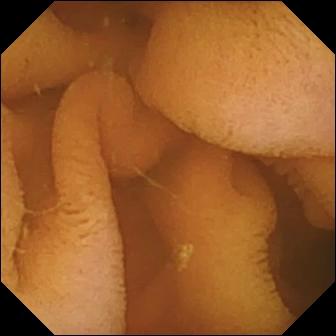Capsule endoscopy. Small intestine. Finding: normal clean mucosa.